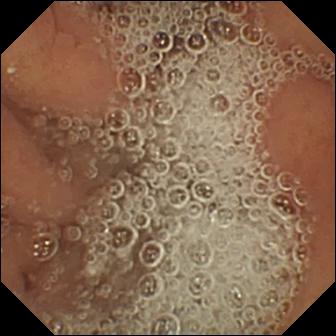Q: Where in the digestive tract was this VCE snapshot taken?
A: Pylorus region (the junction between the stomach and the small bowel).